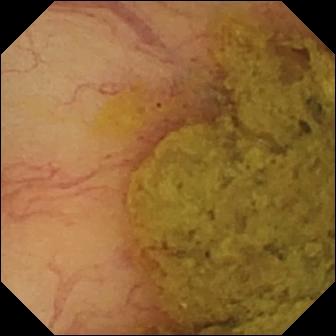- modality: small-bowel capsule endoscopy
- category: anatomical landmark
- video segment: ileo-cecal valve region